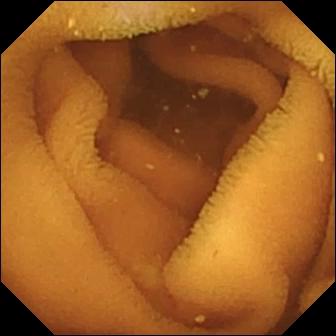PROCEDURE: Small-bowel capsule endoscopy.
FINDINGS: Normal clean mucosa.